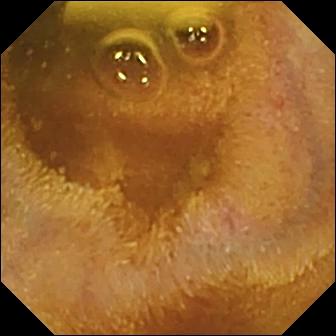{"modality": "small-bowel capsule endoscopy", "finding": "foreign body (e.g. retained capsule, tablet residue)"}